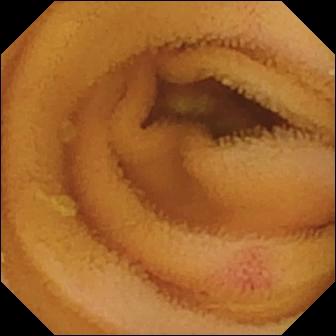{"modality": "wireless capsule endoscopy", "finding": "angiectasia"}